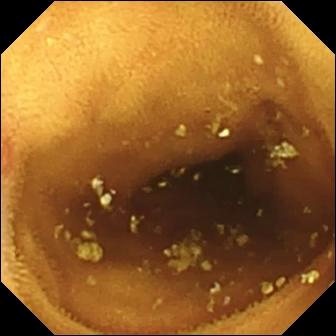VCE frame showing erosion.